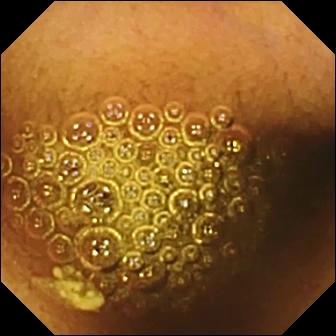This small-bowel capsule endoscopy view shows reduced mucosal view (content or bubbles obscuring the mucosa).